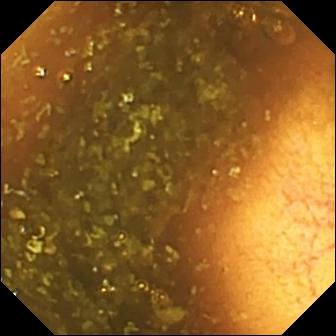Wireless capsule endoscopy view. Taken in the ileo-cecal valve region (the transition from the small bowel to the large bowel).